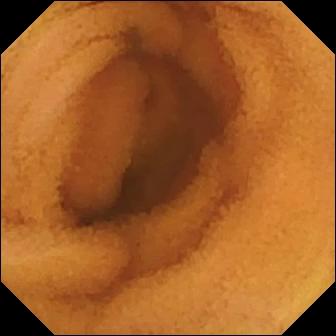- modality: VCE
- category: luminal finding
- label: normal clean mucosa